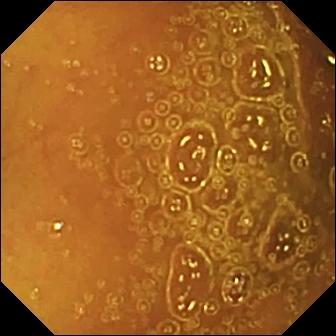Normal clean mucosa — VCE image of the small bowel.